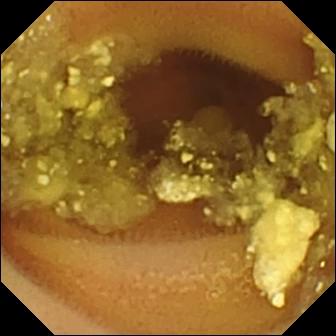PROCEDURE: Video capsule endoscopy.
FINDINGS: Lymphangiectasia.